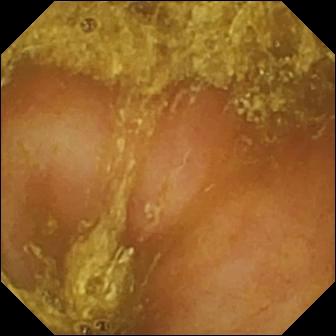VCE frame. Reduced mucosal view (content or bubbles obscuring the mucosa).